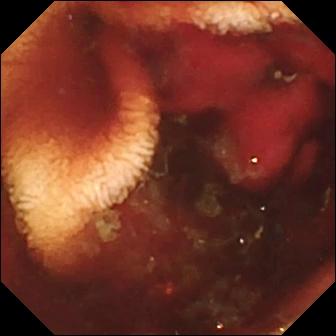Fresh blood in the lumen.